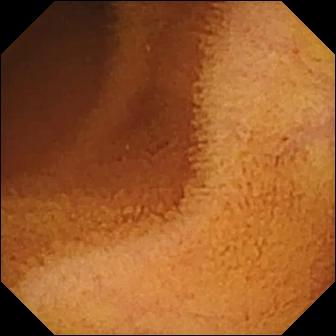PROCEDURE: Video capsule endoscopy.
FINDINGS: Normal clean mucosa.